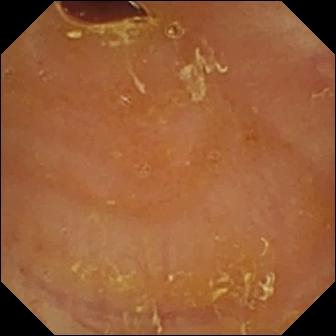- modality: small-bowel capsule endoscopy
- segment: small bowel
- impression: reduced mucosal view (content or bubbles obscuring the mucosa)